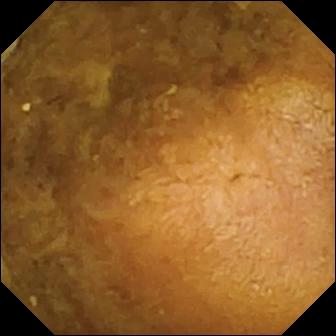modality: capsule endoscopy | observation: reduced mucosal view (content or bubbles obscuring the mucosa)